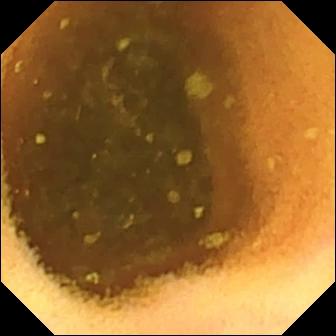Normal clean mucosa — WCE view.